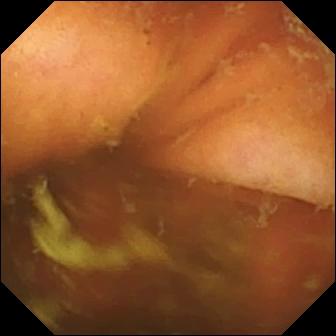Ileo-cecal valve region (the transition from the small bowel to the large bowel).